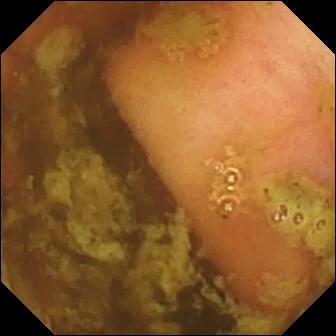{"modality": "video capsule endoscopy", "category": "anatomical landmark", "location": "ileo-cecal valve region"}